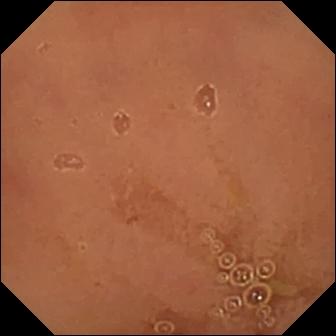- modality: small-bowel capsule endoscopy
- segment: small intestine
- finding: normal clean mucosa